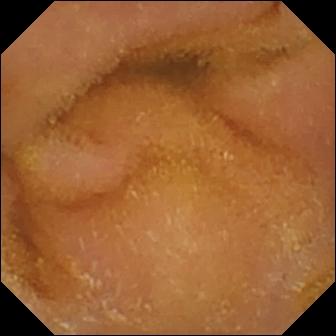Small-bowel capsule endoscopy view
Label: normal clean mucosa